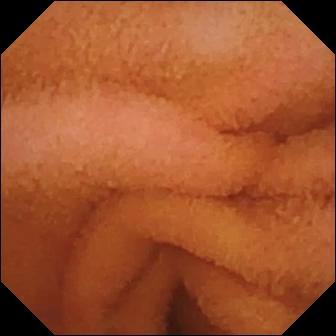This capsule endoscopy image shows normal clean mucosa.